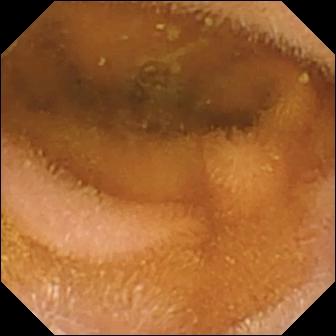Normal clean mucosa — capsule endoscopy view.